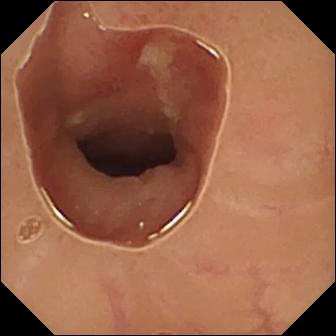Ulcer — VCE frame.